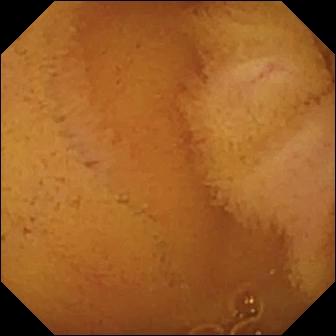Q: What does this small-bowel capsule endoscopy still of the small intestine show?
A: Normal clean mucosa.